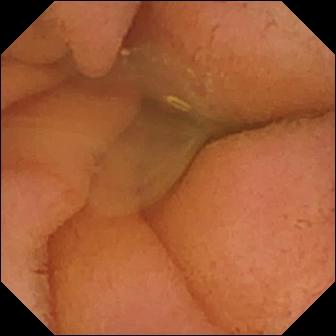Small-bowel capsule endoscopy still (small bowel), 336×336. Normal clean mucosa.